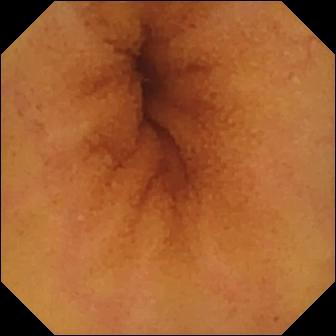{"modality": "video capsule endoscopy", "segment": "small bowel", "finding": "normal clean mucosa"}